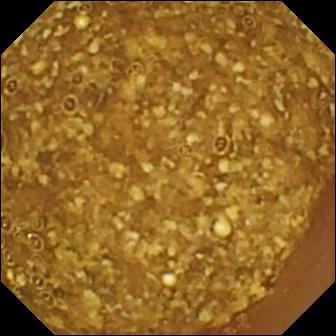{"modality": "small-bowel capsule endoscopy", "finding": "reduced mucosal view (content or bubbles obscuring the mucosa)"}